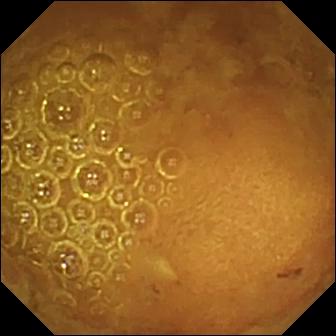Small-bowel capsule endoscopy still of the small intestine showing reduced mucosal view (content or bubbles obscuring the mucosa).